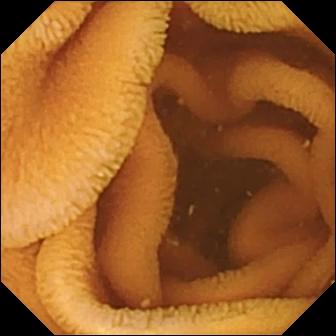Normal clean mucosa.